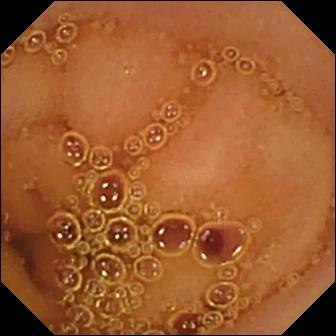This video capsule endoscopy still of the small intestine shows normal clean mucosa.